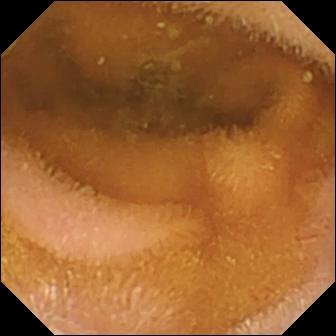Small-bowel capsule endoscopy — normal clean mucosa.